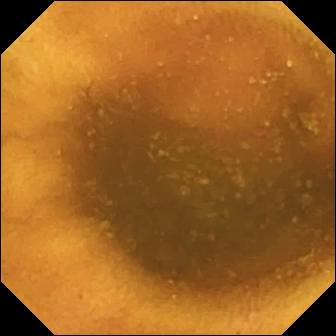Small-bowel capsule endoscopy still of the small bowel showing normal clean mucosa.